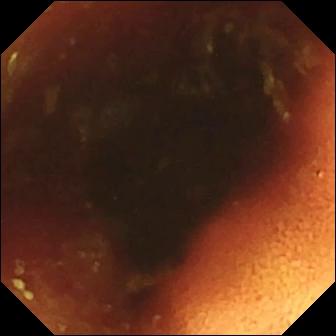modality: capsule endoscopy | position: ileo-cecal valve region (the transition from the small bowel to the large bowel)